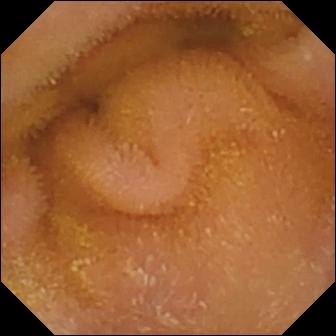VCE. Small intestine. Observation: normal clean mucosa.